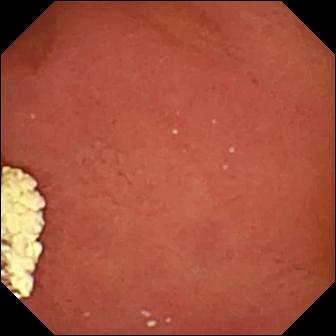Pylorus region (the junction between the stomach and the small bowel) — WCE view.